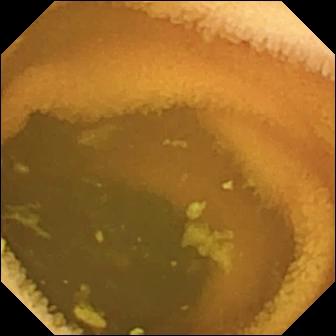Q: What does this small-bowel capsule endoscopy snapshot of the small bowel show?
A: Normal clean mucosa.